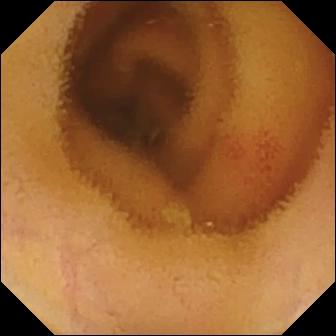- modality: video capsule endoscopy
- label: angiectasia